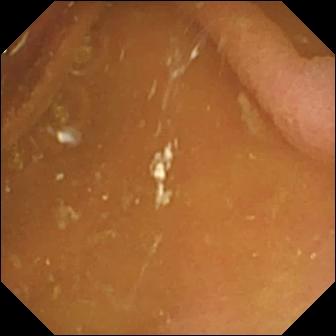{"modality": "video capsule endoscopy", "location": "pylorus region (the junction between the stomach and the small bowel)"}